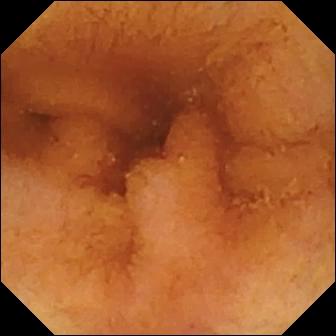Normal clean mucosa — VCE snapshot.